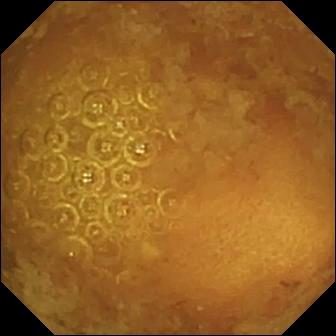- modality: wireless capsule endoscopy
- finding: reduced mucosal view (content or bubbles obscuring the mucosa)